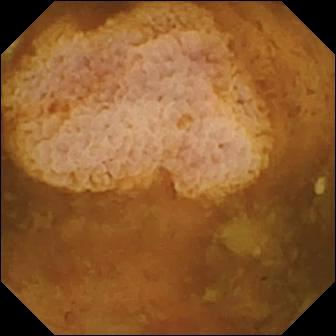WCE image, small intestine
Impression: reduced mucosal view (content or bubbles obscuring the mucosa)